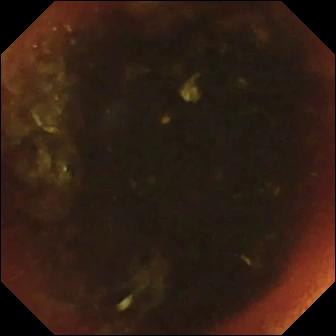PROCEDURE: Video capsule endoscopy.
LABEL: Ileo-cecal valve region (where the capsule passes from the small bowel into the large bowel).